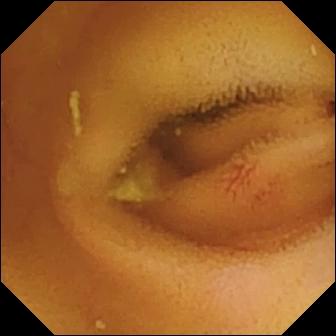- modality: small-bowel capsule endoscopy
- category: luminal finding
- impression: angiectasia